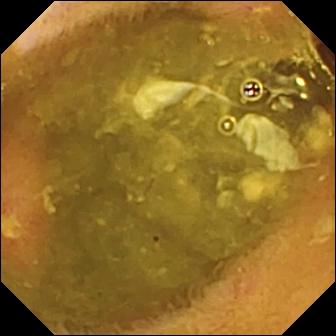Ulcer — wireless capsule endoscopy still.